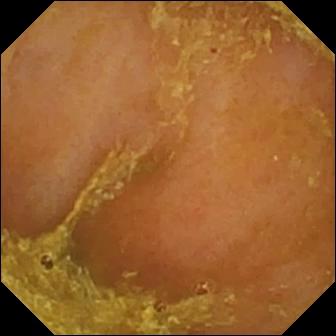Q: What does this small-bowel capsule endoscopy frame of the small intestine show?
A: Reduced mucosal view (content or bubbles obscuring the mucosa).